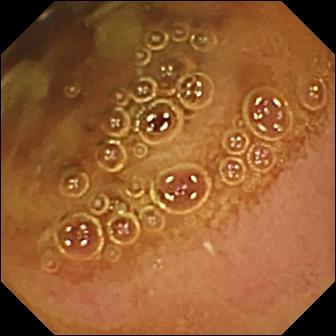Small-bowel capsule endoscopy image, small bowel
Finding: normal clean mucosa